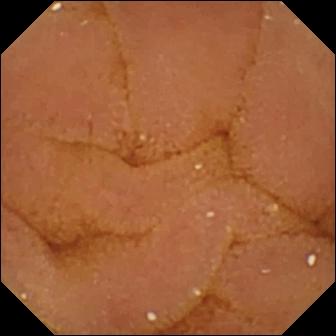Normal clean mucosa — capsule endoscopy snapshot.